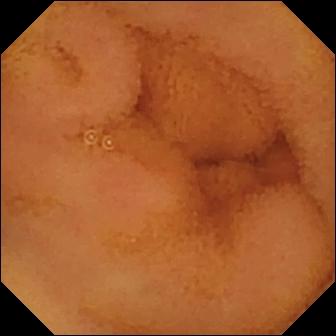Normal clean mucosa — small-bowel capsule endoscopy still.